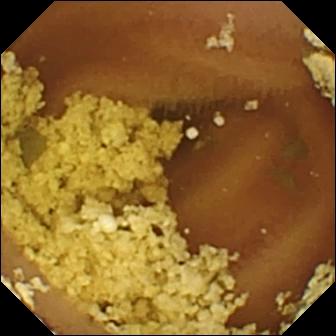Normal clean mucosa.